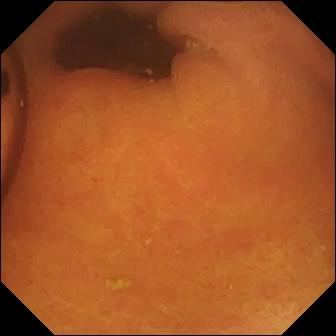Foreign body (e.g. retained capsule, tablet residue) — wireless capsule endoscopy image.